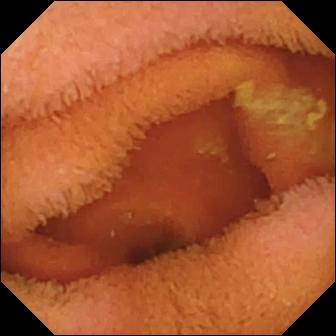Small-bowel capsule endoscopy image (small intestine). Normal clean mucosa.